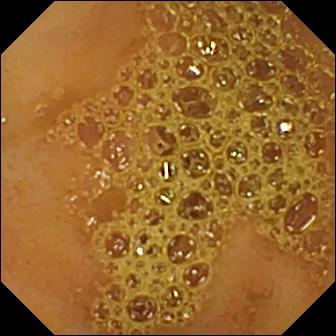- modality: WCE
- position: ileo-cecal valve region (the transition from the small bowel to the large bowel)